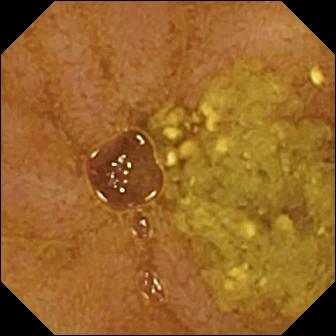WCE frame. Taken in the ileo-cecal valve region (the transition from the small bowel to the large bowel).